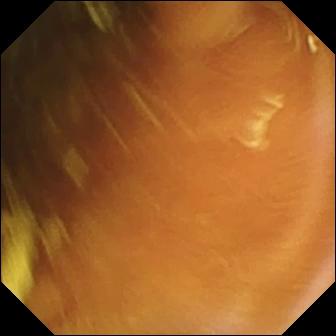WCE image of the small bowel showing normal clean mucosa.